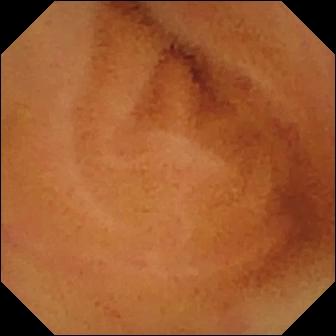VCE image (small bowel), 336×336. Normal clean mucosa.